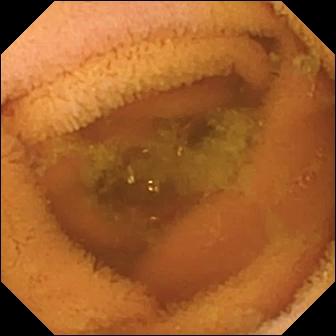- modality: video capsule endoscopy
- segment: small bowel
- impression: normal clean mucosa